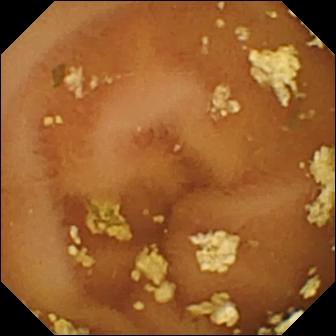This capsule endoscopy frame shows normal clean mucosa.